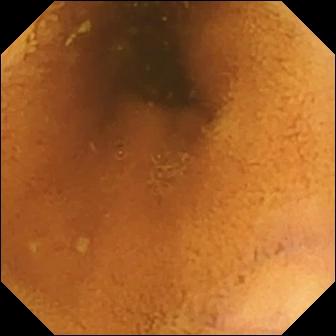{"modality": "capsule endoscopy", "category": "luminal finding", "finding": "normal clean mucosa"}